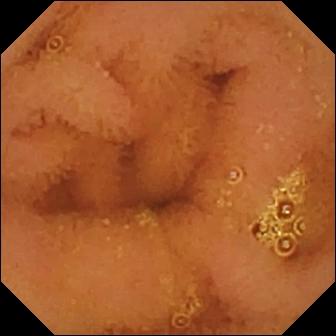Small-bowel capsule endoscopy — normal clean mucosa.